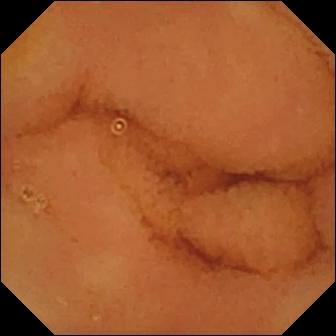Q: What does this wireless capsule endoscopy still of the small bowel show?
A: Normal clean mucosa.